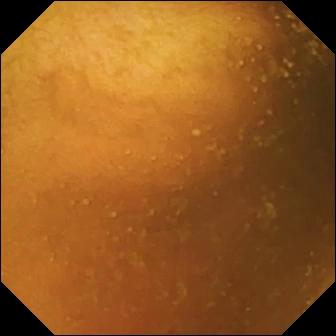VCE view of the small bowel showing normal clean mucosa.